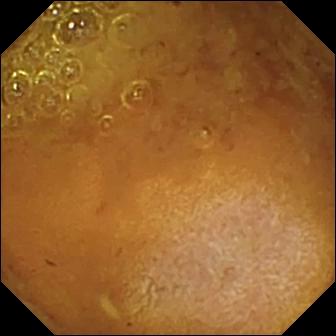Capsule endoscopy snapshot (small bowel). Reduced mucosal view (content or bubbles obscuring the mucosa).